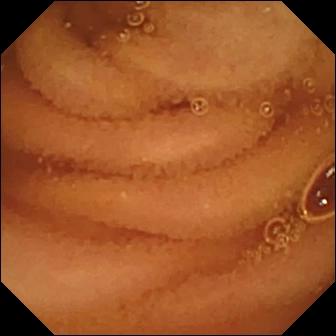Video capsule endoscopy — normal clean mucosa.